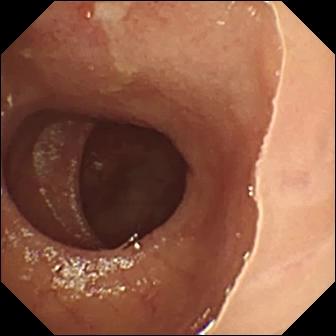- modality: VCE
- category: luminal finding
- observation: ulcer